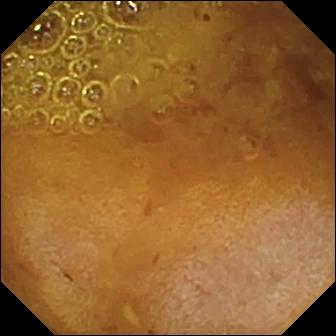Small-bowel capsule endoscopy. Impression: reduced mucosal view (content or bubbles obscuring the mucosa).